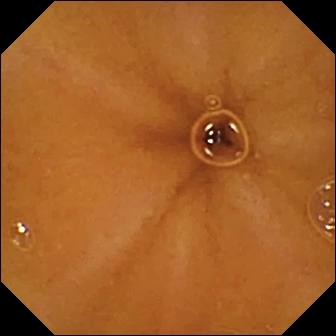{"modality": "wireless capsule endoscopy", "segment": "small bowel", "category": "luminal finding", "finding": "normal clean mucosa"}